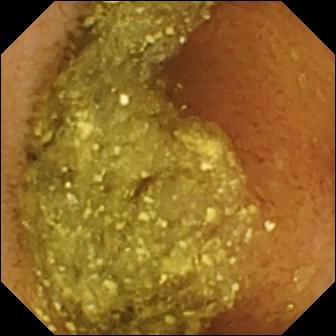PROCEDURE: WCE.
FINDINGS: Normal clean mucosa.